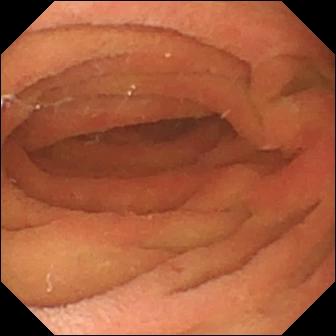Small-bowel capsule endoscopy frame
Label: pylorus region